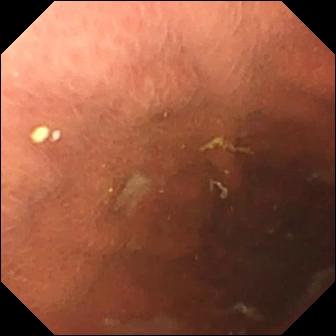This video capsule endoscopy view was taken in the pylorus region.